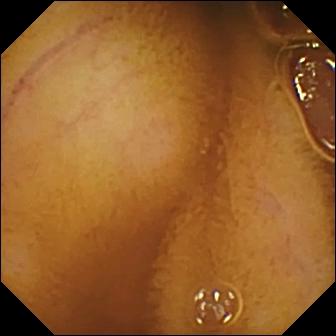PROCEDURE: Wireless capsule endoscopy.
FINDINGS: Normal clean mucosa.